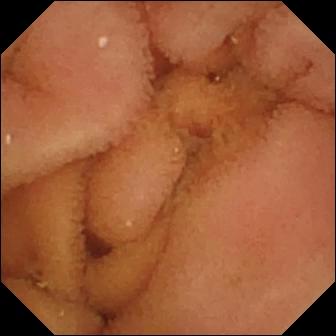PROCEDURE: Small-bowel capsule endoscopy.
FINDINGS: Normal clean mucosa.